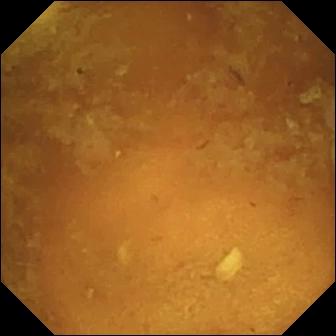Q: What does this small-bowel capsule endoscopy still of the small intestine show?
A: Reduced mucosal view (content or bubbles obscuring the mucosa).